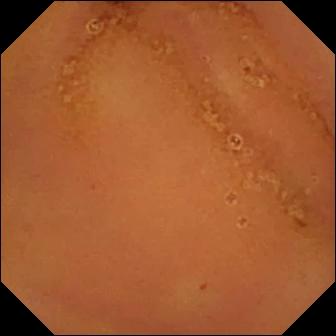PROCEDURE: VCE.
FINDINGS: Normal clean mucosa.